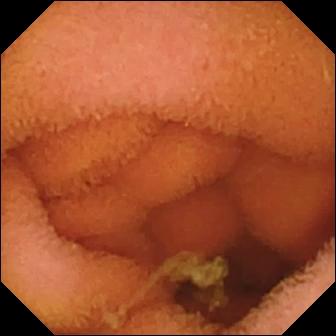Q: What does this WCE snapshot of the small bowel show?
A: Normal clean mucosa.